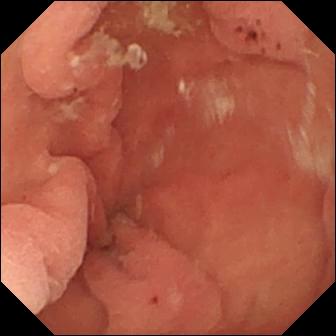WCE — hematin (altered blood) on the mucosal surface.